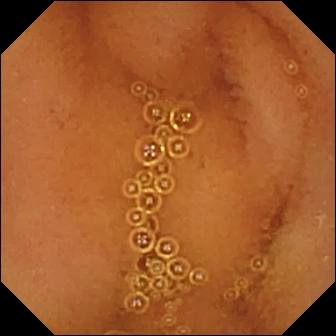Q: What does this capsule endoscopy snapshot of the small bowel show?
A: Normal clean mucosa.